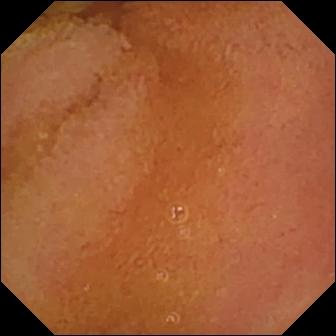- modality: wireless capsule endoscopy
- impression: normal clean mucosa